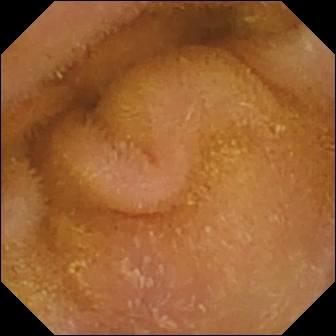{"modality": "small-bowel capsule endoscopy", "segment": "small bowel", "finding": "normal clean mucosa"}